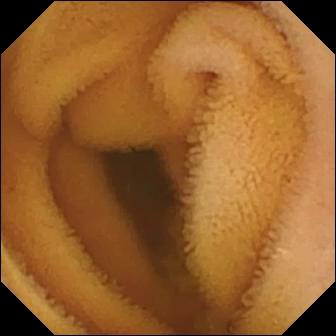PROCEDURE: Capsule endoscopy.
SEGMENT: Small bowel.
FINDINGS: Normal clean mucosa.